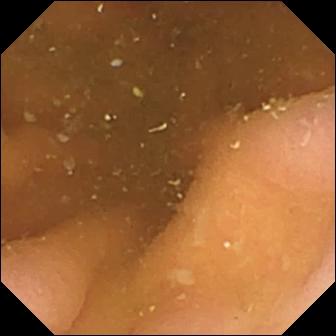- modality: capsule endoscopy
- category: anatomical landmark
- video segment: pylorus region